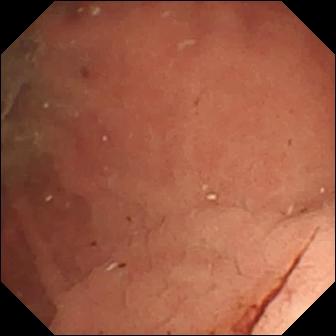- modality: video capsule endoscopy
- finding: fresh blood in the lumen